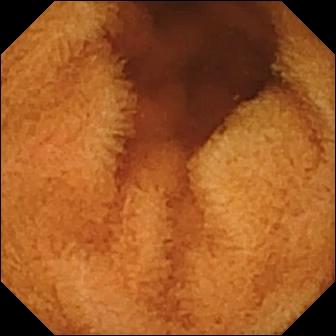Wireless capsule endoscopy. Label: normal clean mucosa.